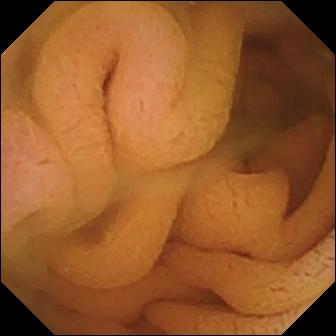Small-bowel capsule endoscopy view (small bowel). Normal clean mucosa.